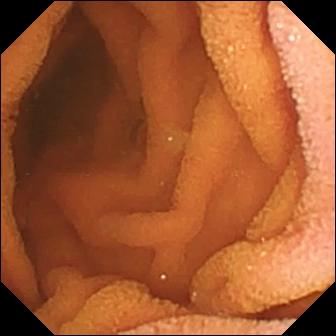Q: What does this VCE snapshot of the small intestine show?
A: Normal clean mucosa.